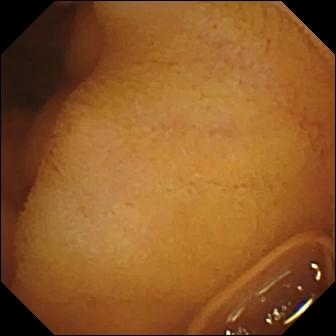Normal clean mucosa — VCE still of the small bowel.